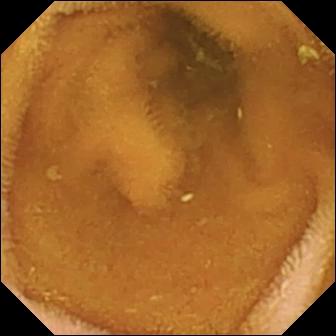Normal clean mucosa — wireless capsule endoscopy frame.